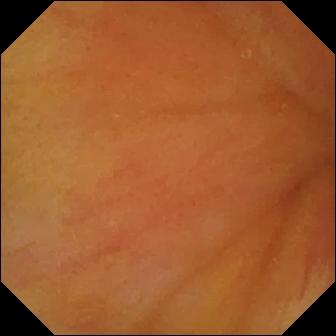Video capsule endoscopy. Near an anatomical landmark. Position: ileo-cecal valve region (the transition from the small bowel to the large bowel).